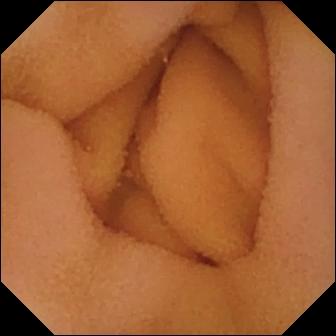Normal clean mucosa.